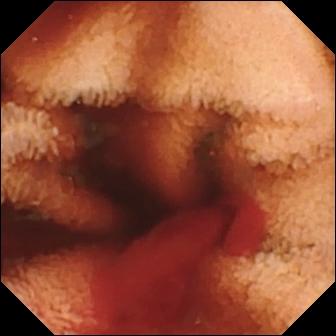Q: What does this VCE image show?
A: Fresh blood in the lumen.